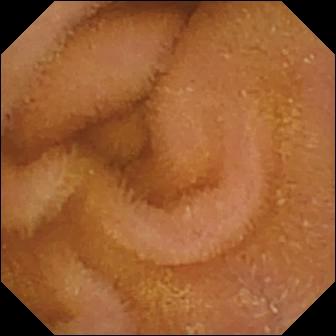{"modality": "VCE", "finding": "normal clean mucosa"}